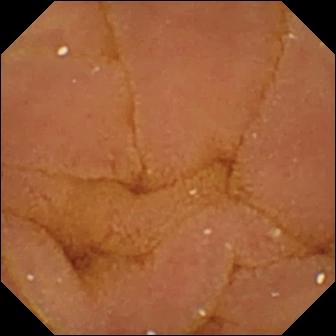Video capsule endoscopy — normal clean mucosa.